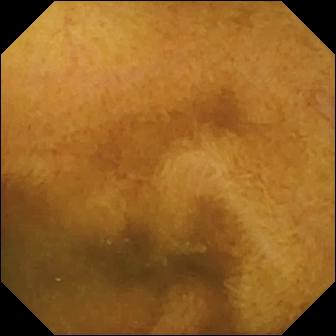- modality: WCE
- impression: normal clean mucosa